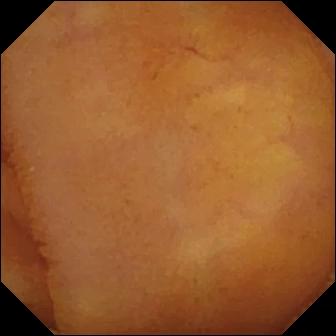WCE. Luminal finding. Observation: normal clean mucosa.